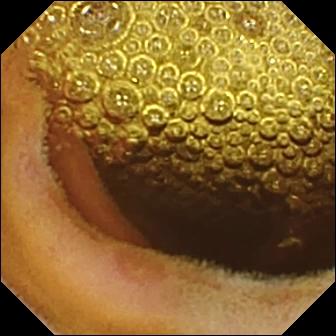PROCEDURE: Small-bowel capsule endoscopy.
FINDINGS: Erosion.